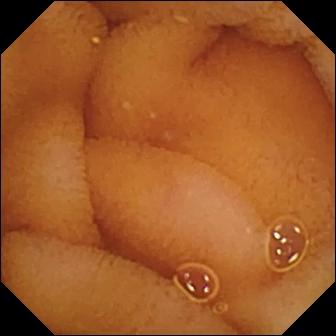WCE image (small bowel). Normal clean mucosa.